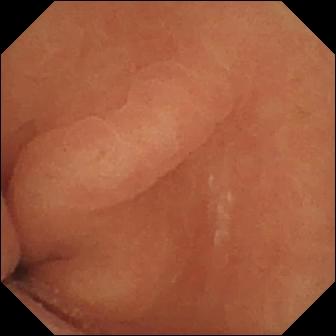Capsule endoscopy. Luminal finding. Label: normal clean mucosa.